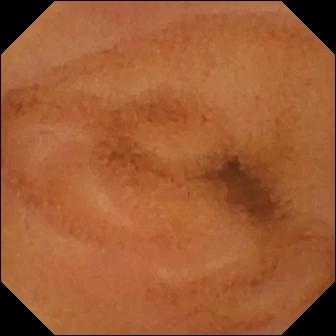Video capsule endoscopy view, small bowel
Label: normal clean mucosa